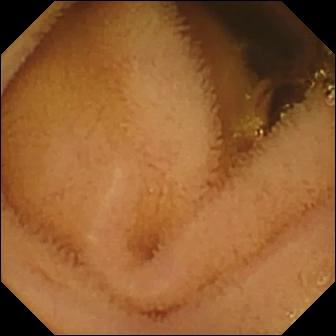modality: wireless capsule endoscopy | segment: small bowel | label: normal clean mucosa